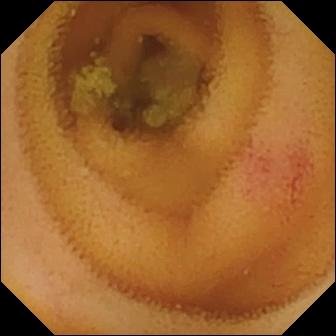{"modality": "VCE", "finding": "angiectasia"}